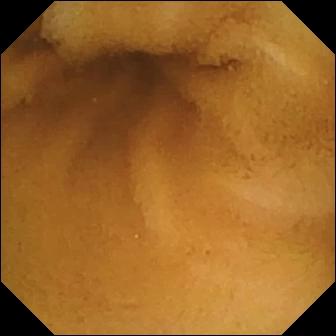Wireless capsule endoscopy image
Observation: normal clean mucosa